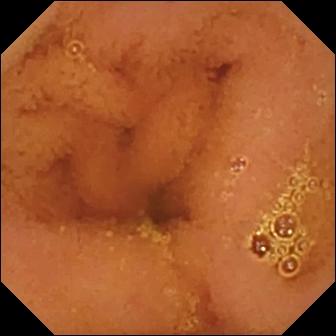{"modality": "video capsule endoscopy", "category": "luminal finding", "finding": "normal clean mucosa"}